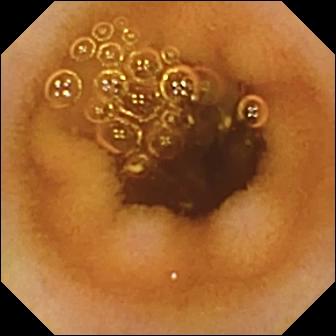Video capsule endoscopy snapshot showing normal clean mucosa.